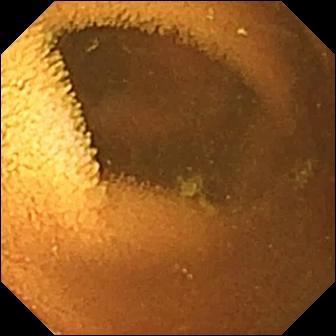Normal clean mucosa.